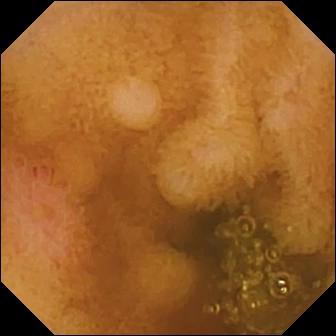Small-bowel capsule endoscopy. Impression: erosion.